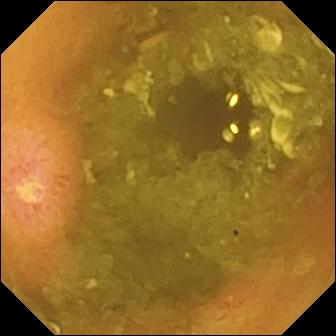Ulcer — wireless capsule endoscopy still.